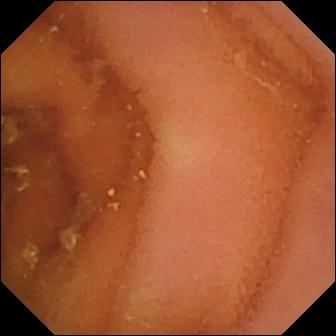Small-bowel capsule endoscopy view of the small bowel showing normal clean mucosa.